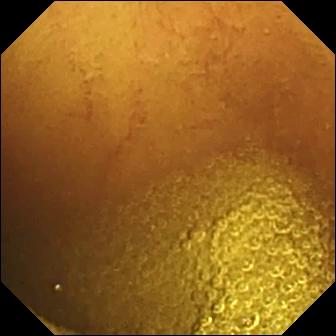- modality: VCE
- label: normal clean mucosa